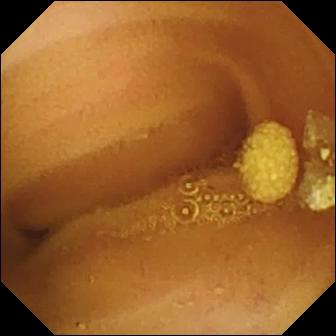WCE image showing lymphangiectasia.